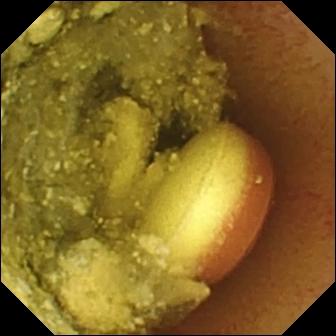Capsule endoscopy. Observation: foreign body (e.g. retained capsule, tablet residue).